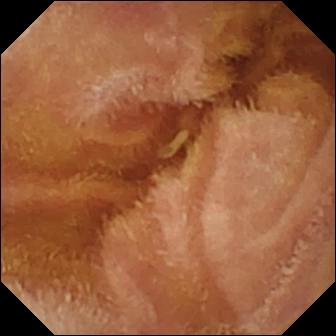PROCEDURE: Wireless capsule endoscopy.
FINDINGS: Normal clean mucosa.